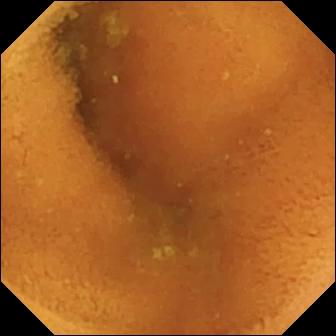Normal clean mucosa.